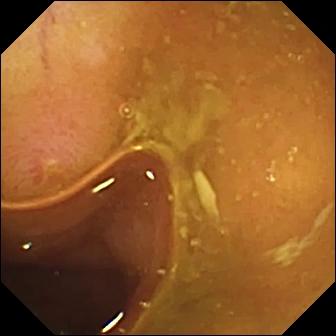Wireless capsule endoscopy. Finding: erosion.